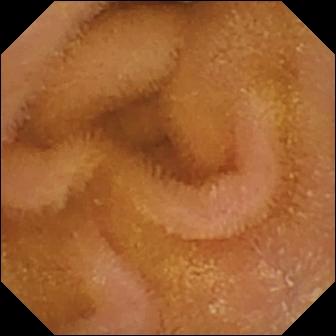Video capsule endoscopy still, 336×336. Normal clean mucosa.